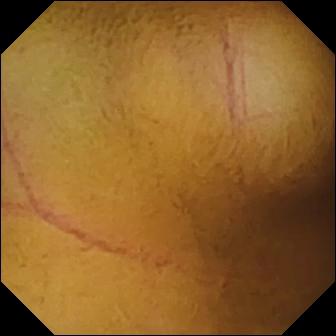This wireless capsule endoscopy still of the small intestine shows normal clean mucosa.